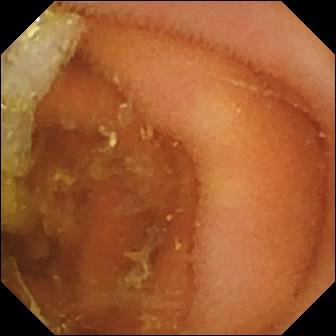Normal clean mucosa (336×336).